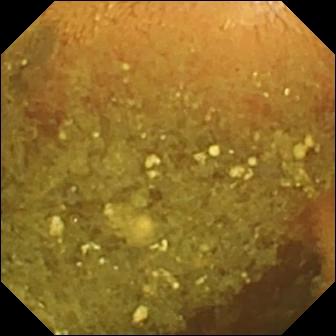{"modality": "VCE", "finding": "reduced mucosal view (content or bubbles obscuring the mucosa)"}